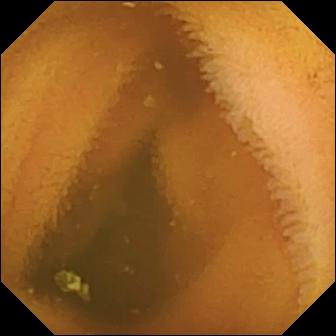modality: small-bowel capsule endoscopy; category: luminal finding; observation: normal clean mucosa